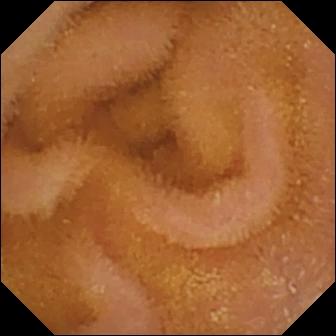VCE snapshot
Impression: normal clean mucosa